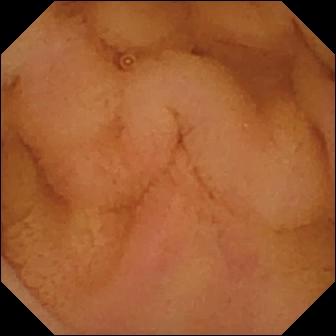Capsule endoscopy. Finding: normal clean mucosa.